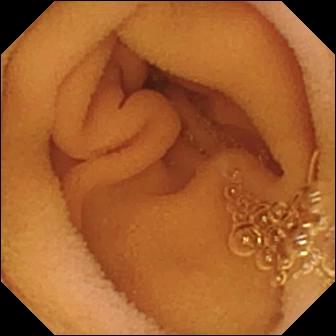This VCE view of the small bowel shows normal clean mucosa.